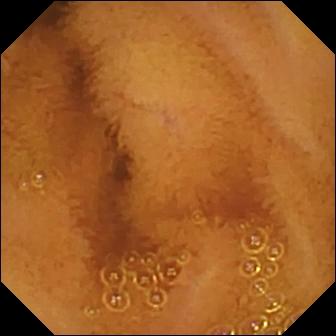- modality: wireless capsule endoscopy
- observation: normal clean mucosa